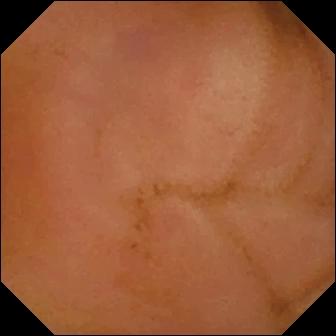This small-bowel capsule endoscopy frame shows erythema (mucosal redness).